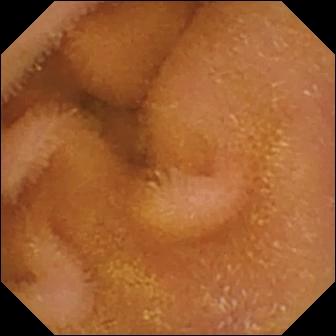Small-bowel capsule endoscopy — normal clean mucosa.